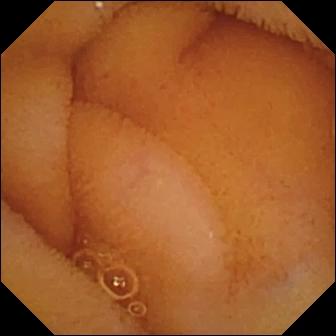Normal clean mucosa — small-bowel capsule endoscopy still of the small bowel.